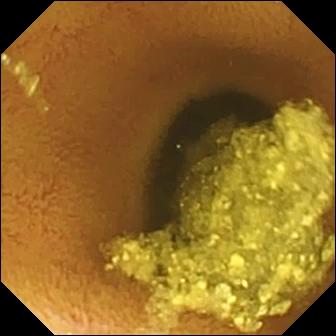Capsule endoscopy view showing normal clean mucosa.